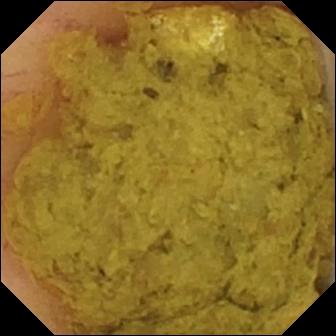PROCEDURE: Wireless capsule endoscopy.
VIDEO SEGMENT: Ileo-cecal valve region (where the capsule passes from the small bowel into the large bowel).